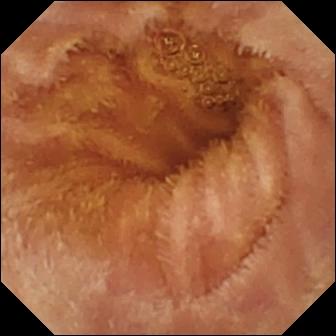This small-bowel capsule endoscopy frame of the small bowel shows normal clean mucosa.